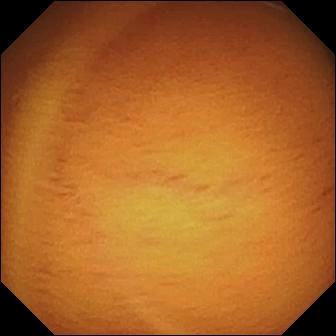PROCEDURE: WCE.
FINDINGS: Normal clean mucosa.